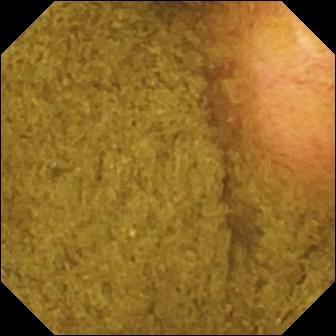Q: Where in the digestive tract was this video capsule endoscopy view taken?
A: Ileo-cecal valve region (the transition from the small bowel to the large bowel).